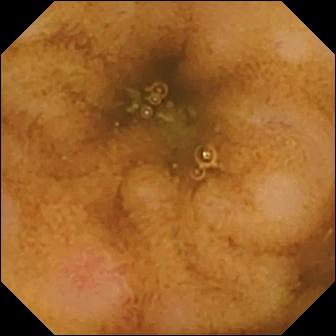PROCEDURE: Wireless capsule endoscopy.
FINDINGS: Erosion.